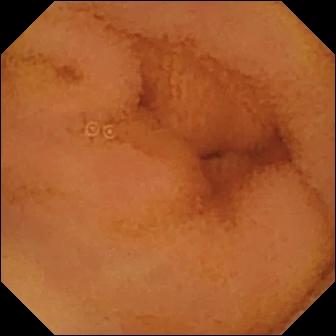{"modality": "capsule endoscopy", "finding": "normal clean mucosa"}